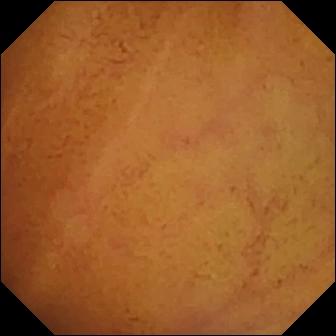Q: What does this capsule endoscopy still show?
A: Normal clean mucosa.